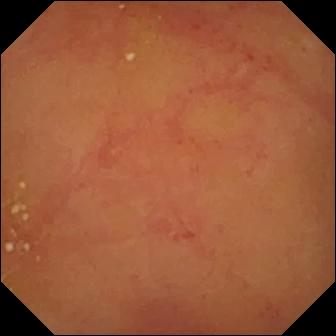Normal clean mucosa — wireless capsule endoscopy frame of the small intestine.